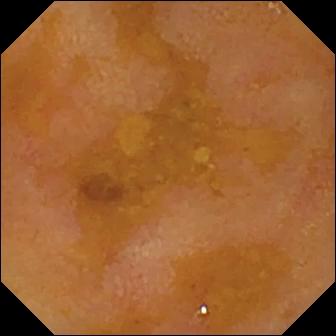Capsule endoscopy image showing reduced mucosal view (content or bubbles obscuring the mucosa).